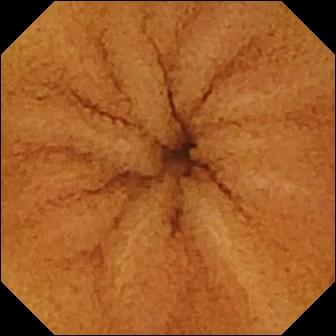- modality: VCE
- segment: small bowel
- category: luminal finding
- impression: normal clean mucosa